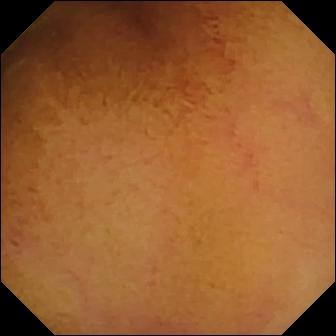Normal clean mucosa — VCE image.